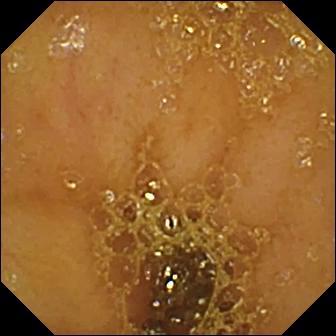Ileo-cecal valve region, 336×336.